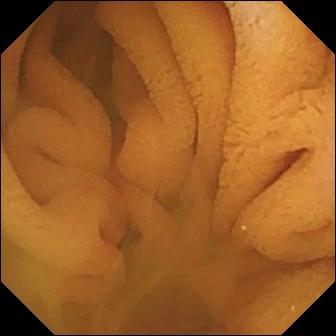- modality: WCE
- segment: small bowel
- label: normal clean mucosa